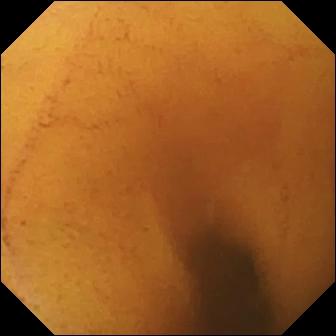This capsule endoscopy frame of the small intestine shows normal clean mucosa.